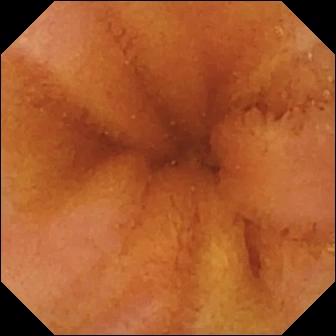- modality: VCE
- finding: normal clean mucosa